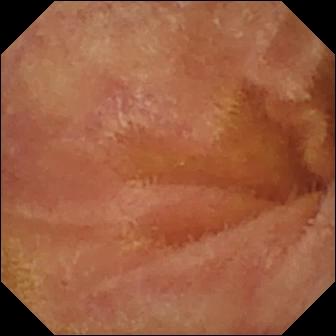PROCEDURE: VCE.
FINDINGS: Normal clean mucosa.